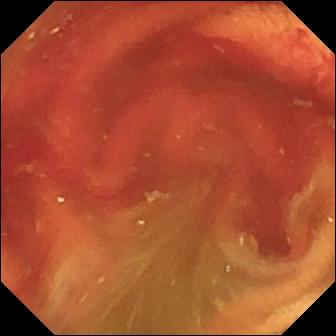Fresh blood in the lumen (336×336).